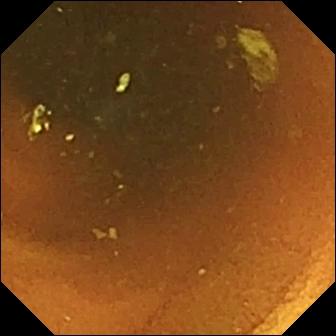VCE — normal clean mucosa.